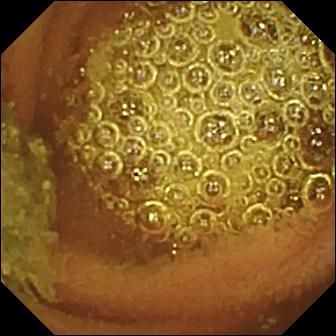This WCE image of the small intestine shows normal clean mucosa.